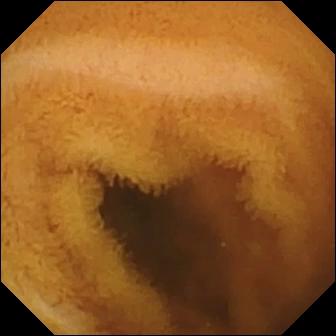This capsule endoscopy image of the small intestine shows normal clean mucosa.